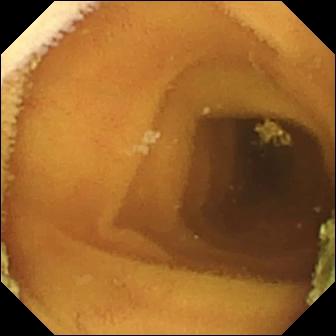This video capsule endoscopy view shows normal clean mucosa.